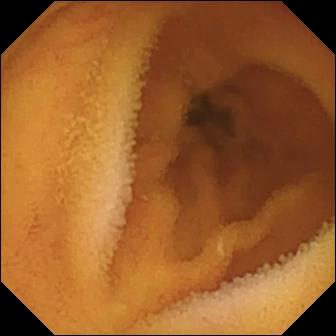Normal clean mucosa — wireless capsule endoscopy image of the small intestine.